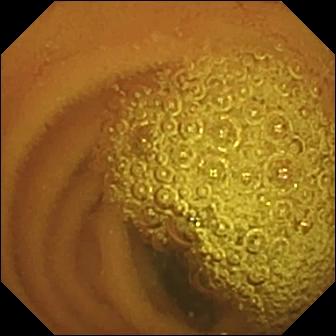VCE frame of the small bowel showing normal clean mucosa.